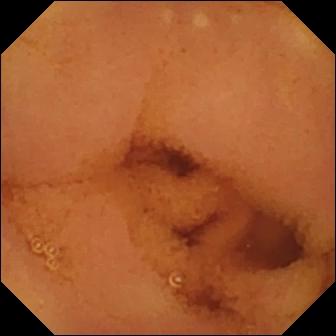PROCEDURE: Wireless capsule endoscopy.
SEGMENT: Small bowel.
FINDINGS: Normal clean mucosa.